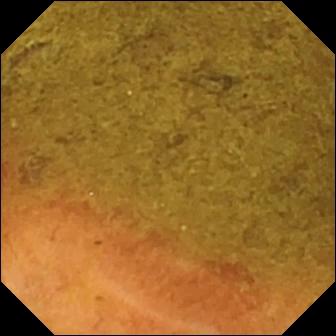{"modality": "small-bowel capsule endoscopy", "video_segment": "ileo-cecal valve region"}